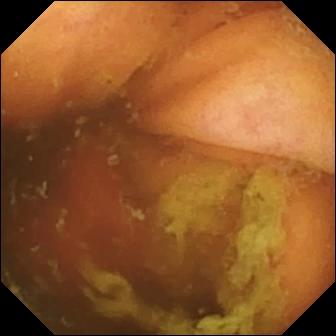- modality: wireless capsule endoscopy
- position: ileo-cecal valve region (where the capsule passes from the small bowel into the large bowel)